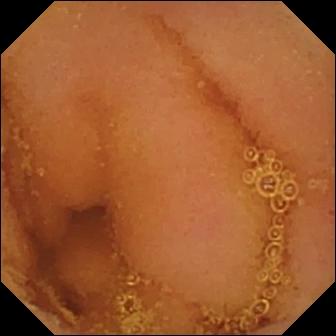PROCEDURE: Small-bowel capsule endoscopy.
SEGMENT: Small intestine.
FINDINGS: Normal clean mucosa.